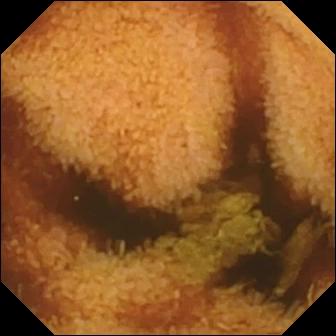Normal clean mucosa.